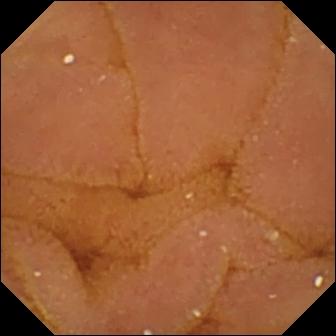Video capsule endoscopy. Small intestine. Finding: normal clean mucosa.